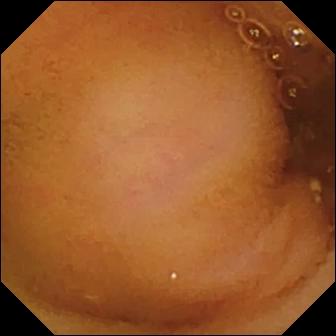Normal clean mucosa.